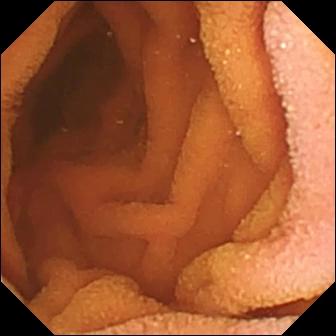This VCE view shows normal clean mucosa.